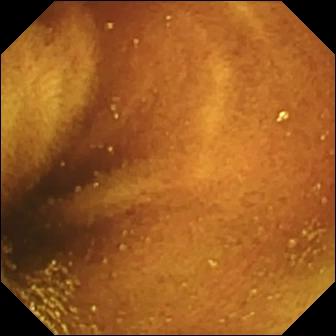PROCEDURE: VCE.
LOCATION: Ileo-cecal valve region.